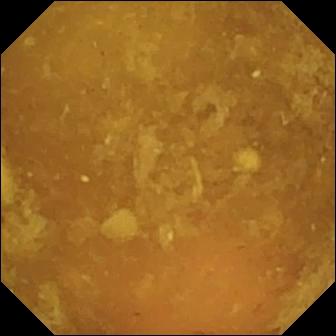Reduced mucosal view (content or bubbles obscuring the mucosa) — WCE view.